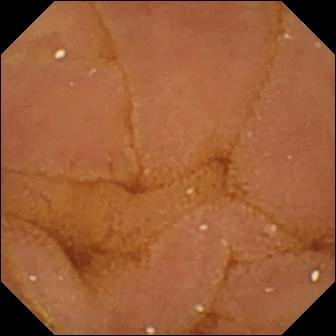PROCEDURE: Video capsule endoscopy.
FINDINGS: Normal clean mucosa.